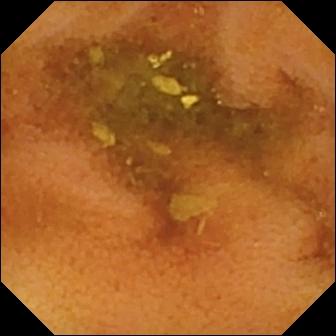This capsule endoscopy still of the small intestine shows normal clean mucosa.